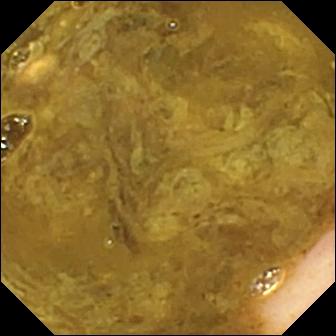modality: VCE; location: ileo-cecal valve region (the transition from the small bowel to the large bowel)